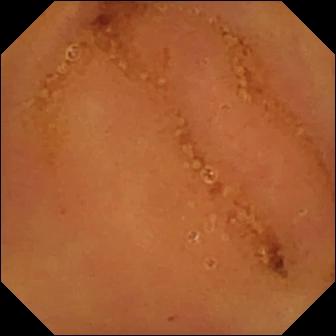Capsule endoscopy snapshot showing normal clean mucosa.